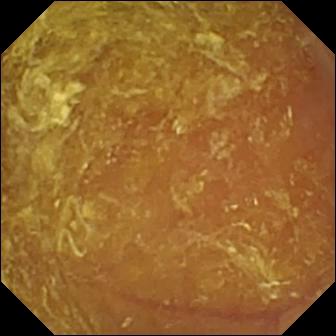Wireless capsule endoscopy frame
Observation: reduced mucosal view (content or bubbles obscuring the mucosa)